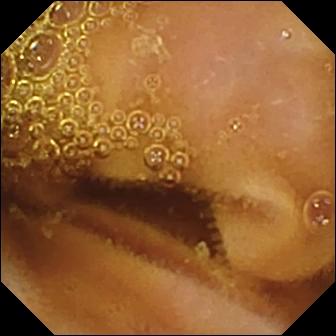PROCEDURE: WCE.
FINDINGS: Normal clean mucosa.